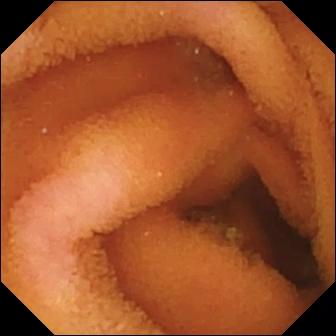- modality: WCE
- label: normal clean mucosa